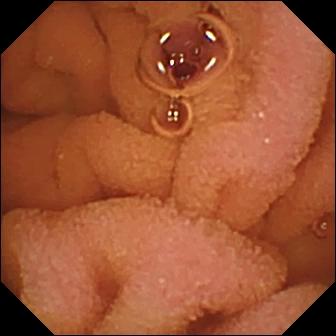Normal clean mucosa.